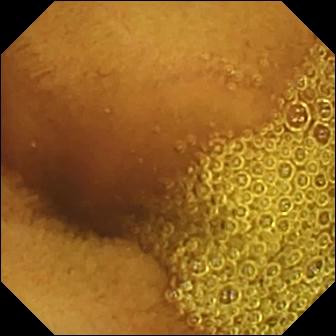- modality: WCE
- impression: normal clean mucosa